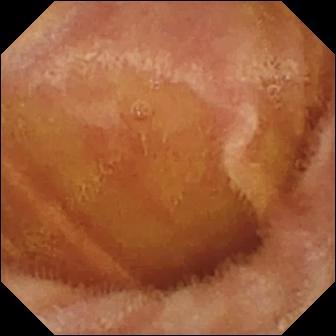Video capsule endoscopy. Small intestine. Observation: normal clean mucosa.